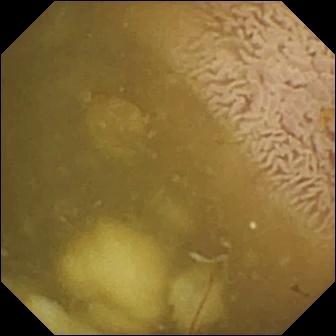Video capsule endoscopy. Position: ileo-cecal valve region.